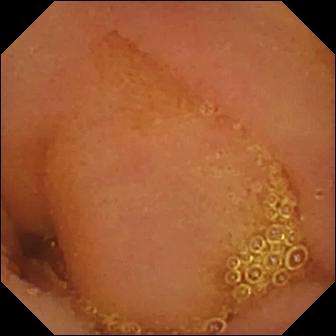modality: VCE
segment: small bowel
category: luminal finding
label: normal clean mucosa